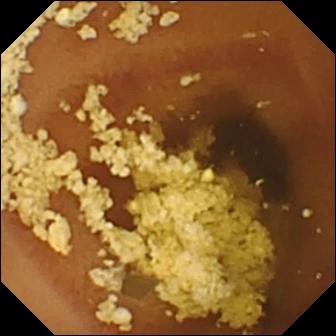- modality: wireless capsule endoscopy
- segment: small bowel
- impression: normal clean mucosa